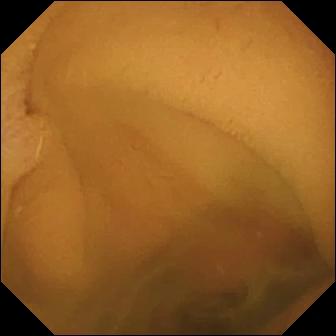Capsule endoscopy view (small bowel). Normal clean mucosa.